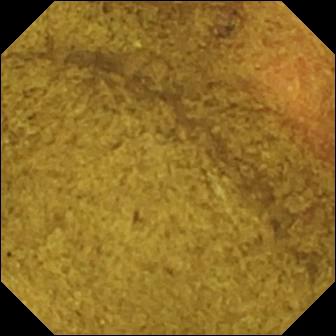Q: Where in the digestive tract was this capsule endoscopy snapshot taken?
A: Ileo-cecal valve region (where the capsule passes from the small bowel into the large bowel).